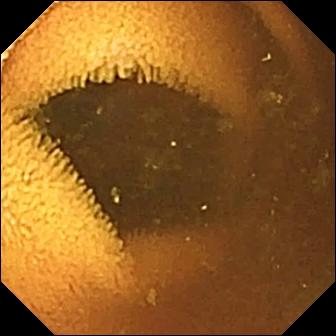Q: What does this WCE view of the small bowel show?
A: Normal clean mucosa.